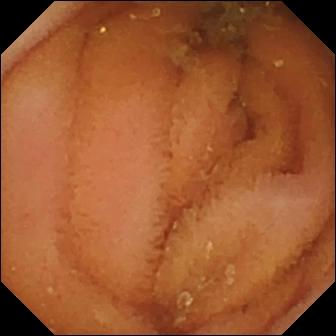Q: What does this wireless capsule endoscopy image show?
A: Normal clean mucosa.